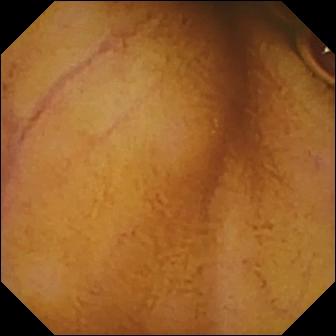Capsule endoscopy. Impression: normal clean mucosa.